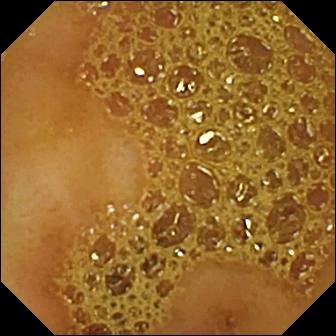Ileo-cecal valve region, 336×336.